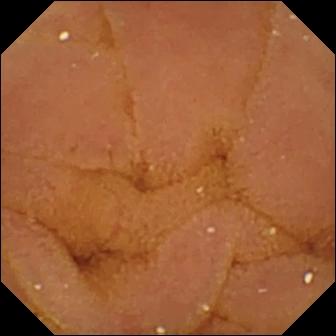{"modality": "VCE", "finding": "normal clean mucosa"}